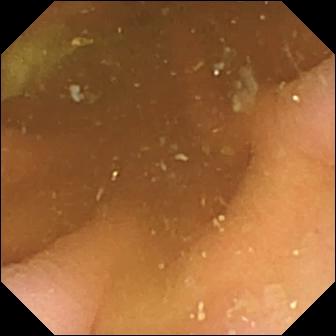Video capsule endoscopy snapshot. Taken in the pylorus region (where the capsule passes from the stomach into the small bowel).